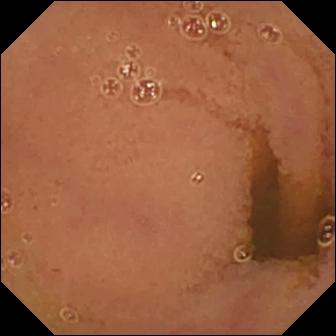{"modality": "video capsule endoscopy", "category": "luminal finding", "finding": "normal clean mucosa"}